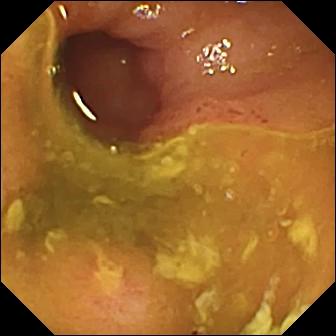WCE. Luminal finding. Finding: ulcer.